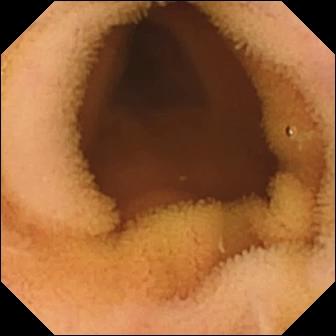- modality: small-bowel capsule endoscopy
- segment: small bowel
- observation: normal clean mucosa